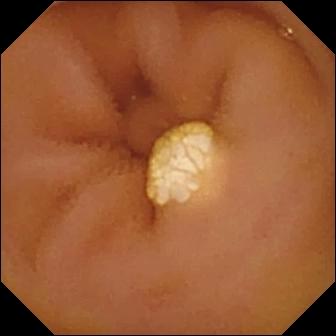Capsule endoscopy. Observation: lymphangiectasia.